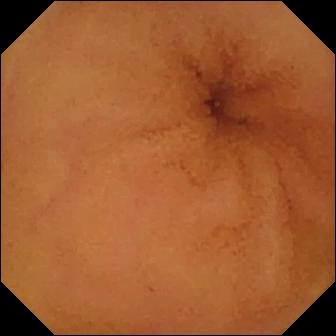Normal clean mucosa.